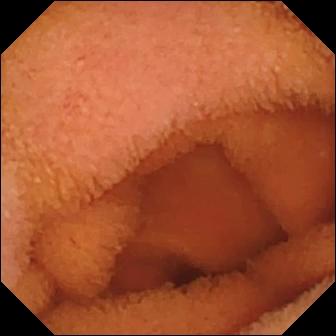WCE. Small bowel. Label: normal clean mucosa.